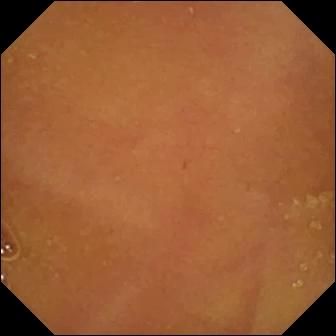Normal clean mucosa — wireless capsule endoscopy still of the small bowel.